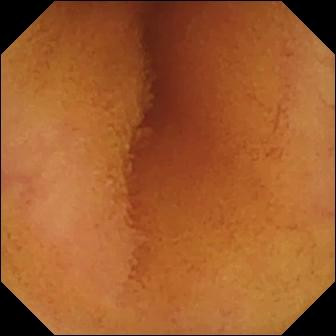WCE — normal clean mucosa.